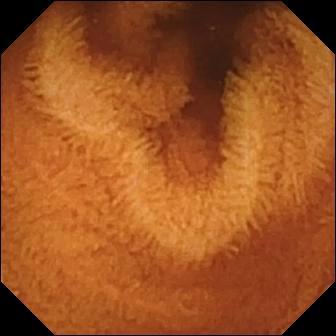PROCEDURE: Wireless capsule endoscopy.
FINDINGS: Normal clean mucosa.